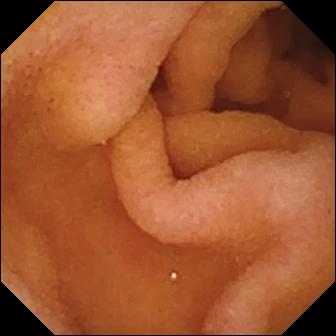This small-bowel capsule endoscopy snapshot was taken in the pylorus region.